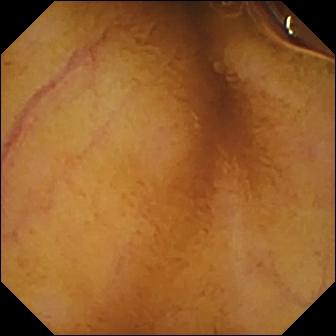modality: VCE
segment: small bowel
label: normal clean mucosa